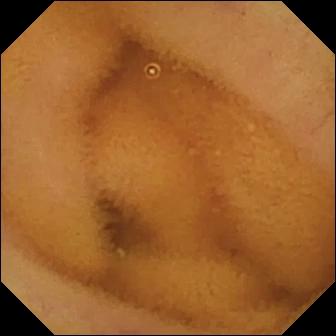Normal clean mucosa.